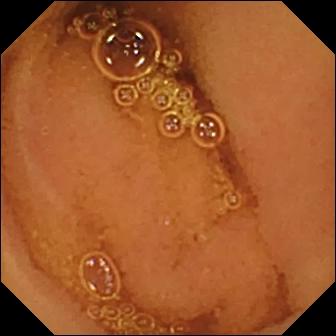Small-bowel capsule endoscopy image showing normal clean mucosa.